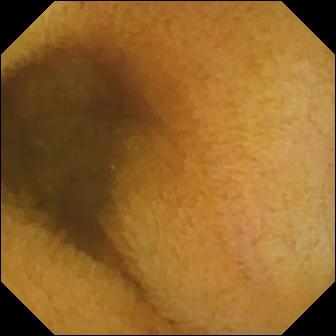Wireless capsule endoscopy. Observation: normal clean mucosa.